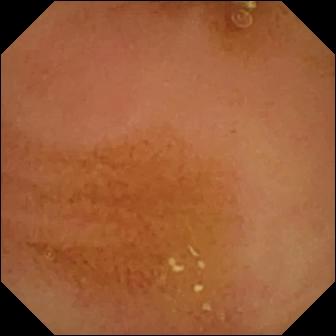Normal clean mucosa — WCE snapshot.